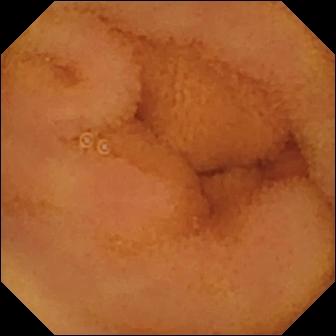modality: VCE | impression: normal clean mucosa